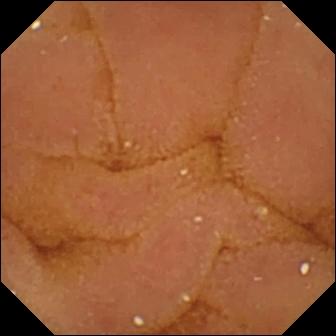Capsule endoscopy. Small intestine. Observation: normal clean mucosa.